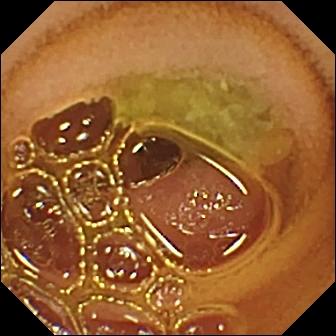WCE. Small intestine. Luminal finding. Impression: normal clean mucosa.